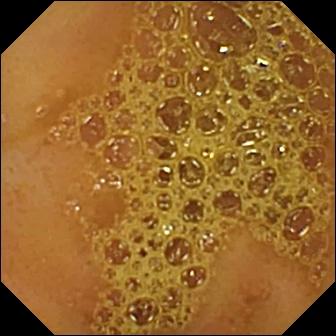Q: Where in the digestive tract was this video capsule endoscopy frame taken?
A: Ileo-cecal valve region.